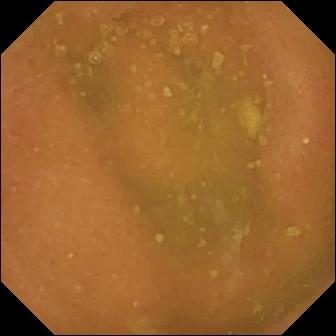Q: What does this WCE snapshot of the small bowel show?
A: Normal clean mucosa.